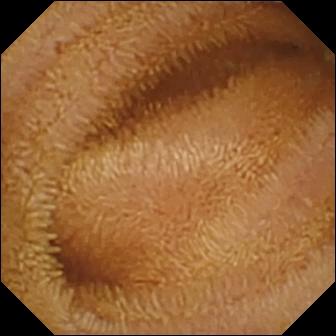Normal clean mucosa.